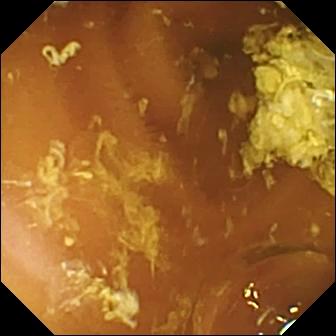WCE. Small intestine. Finding: normal clean mucosa.